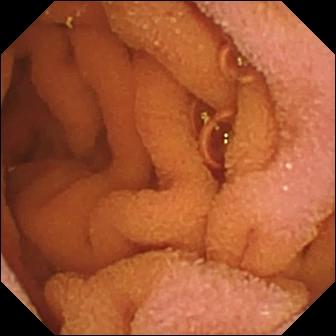- modality: small-bowel capsule endoscopy
- impression: normal clean mucosa